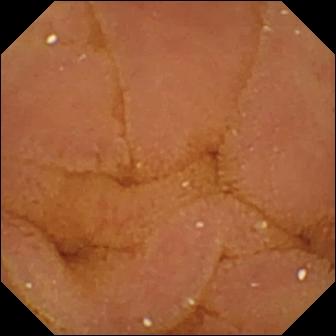modality: small-bowel capsule endoscopy
segment: small bowel
category: luminal finding
finding: normal clean mucosa